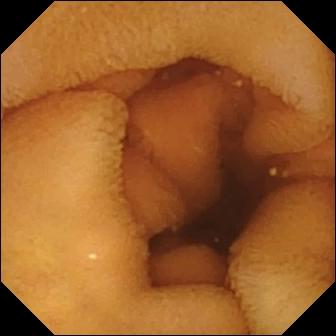Normal clean mucosa — video capsule endoscopy snapshot.